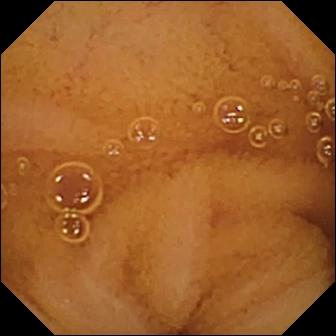Q: What does this capsule endoscopy image of the small bowel show?
A: Normal clean mucosa.